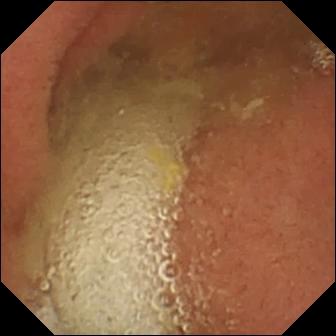modality: VCE
position: pylorus region (the junction between the stomach and the small bowel)